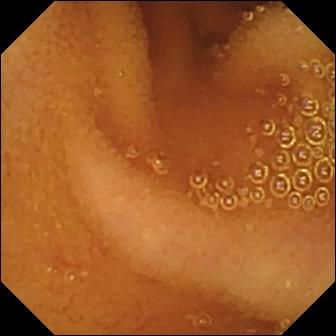Wireless capsule endoscopy. Small bowel. Label: normal clean mucosa.